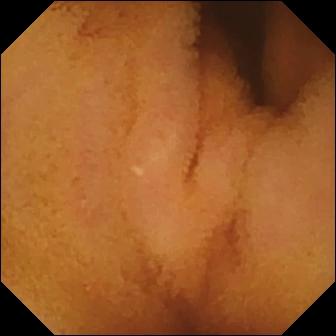Normal clean mucosa.